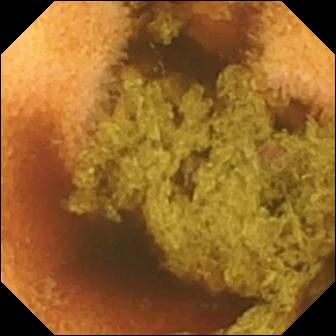Normal clean mucosa — VCE still.